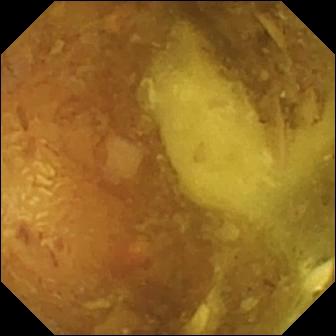WCE — reduced mucosal view (content or bubbles obscuring the mucosa).